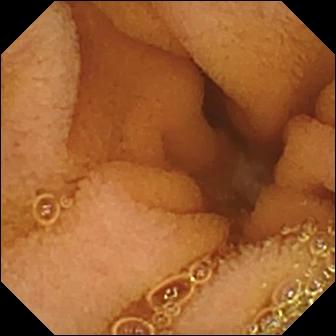Wireless capsule endoscopy — normal clean mucosa.